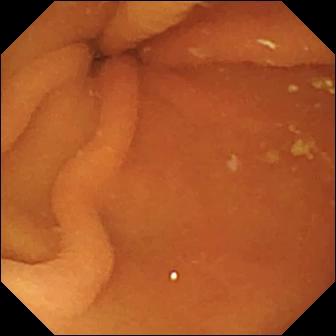Q: Where in the digestive tract was this wireless capsule endoscopy still taken?
A: Pylorus region.